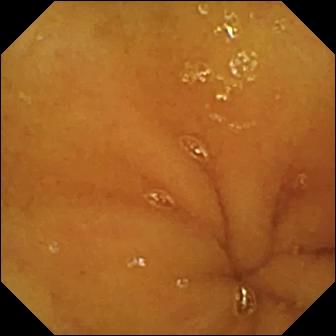Small-bowel capsule endoscopy. Luminal finding. Label: normal clean mucosa.